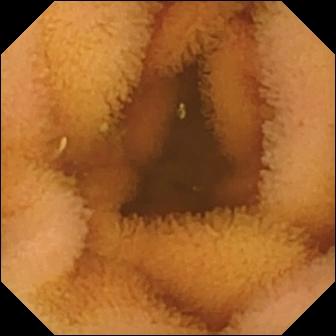VCE view showing normal clean mucosa.